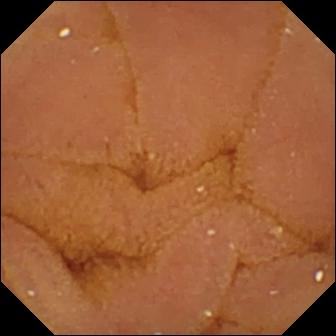PROCEDURE: VCE.
SEGMENT: Small intestine.
FINDINGS: Normal clean mucosa.